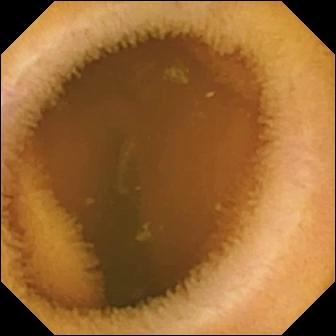PROCEDURE: Video capsule endoscopy.
SEGMENT: Small bowel.
FINDINGS: Normal clean mucosa.